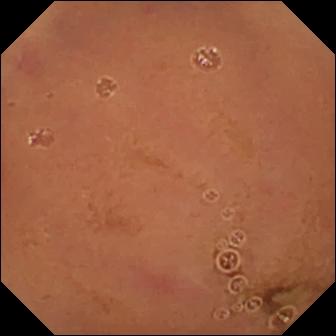WCE frame showing normal clean mucosa.